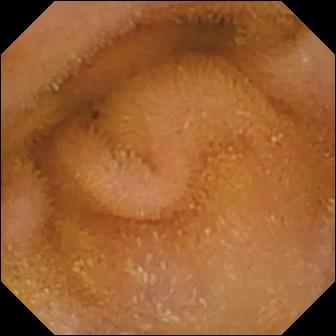Normal clean mucosa.